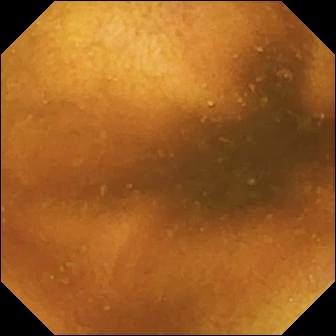{"modality": "video capsule endoscopy", "category": "luminal finding", "finding": "normal clean mucosa"}